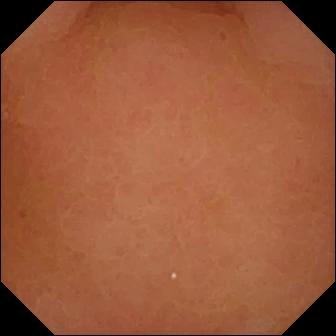Pylorus region (the junction between the stomach and the small bowel) — WCE image.